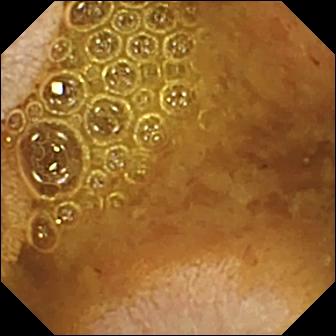WCE. Luminal finding. Observation: reduced mucosal view (content or bubbles obscuring the mucosa).